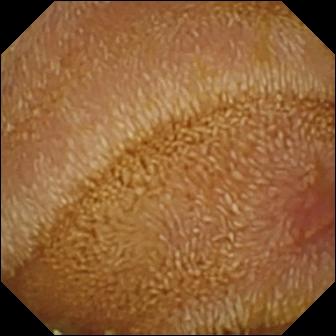VCE frame
Finding: erosion